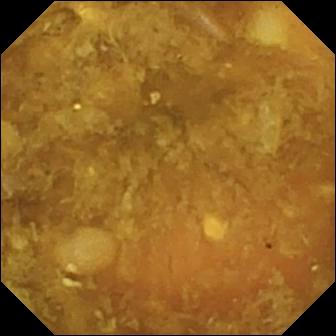Video capsule endoscopy — reduced mucosal view (content or bubbles obscuring the mucosa).